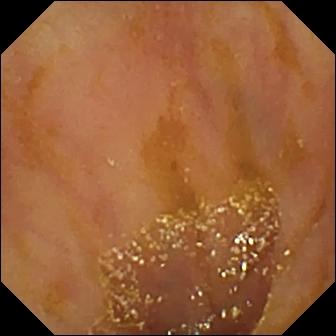Wireless capsule endoscopy view
Label: ileo-cecal valve region